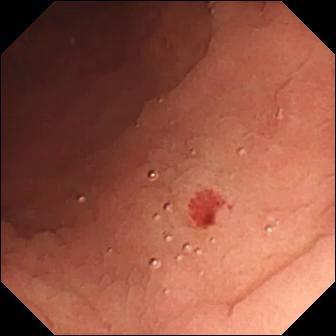{"modality": "VCE", "finding": "angiectasia"}